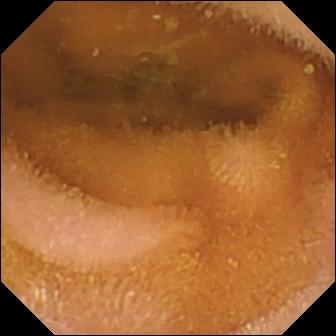{"modality": "wireless capsule endoscopy", "finding": "normal clean mucosa"}